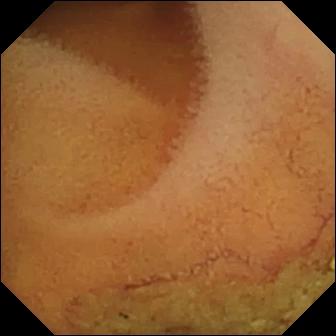This wireless capsule endoscopy view shows normal clean mucosa.